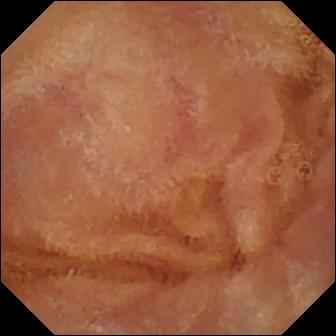{"modality": "video capsule endoscopy", "segment": "small bowel", "finding": "normal clean mucosa"}